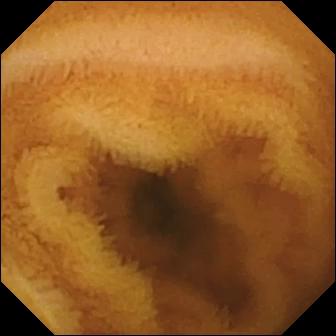modality: VCE; observation: normal clean mucosa